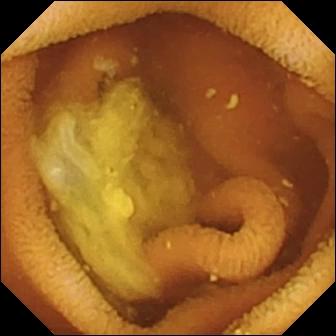VCE — normal clean mucosa.